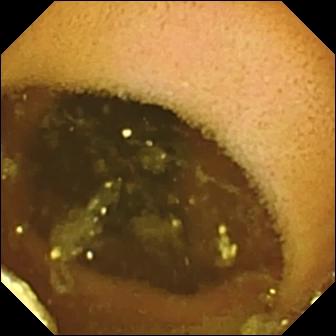- modality: wireless capsule endoscopy
- label: lymphangiectasia